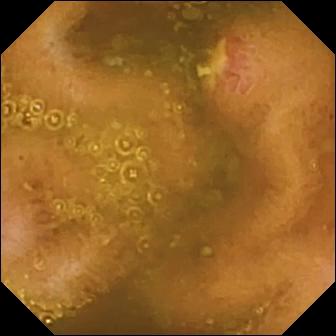WCE. Impression: ulcer.